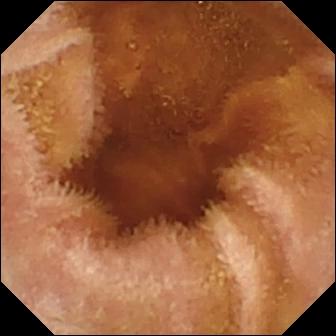This capsule endoscopy frame of the small bowel shows normal clean mucosa.